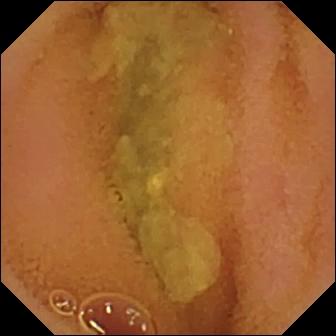WCE — normal clean mucosa.